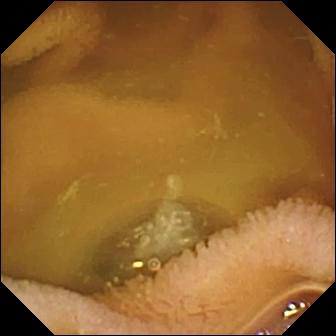Q: What does this small-bowel capsule endoscopy frame of the small bowel show?
A: Normal clean mucosa.